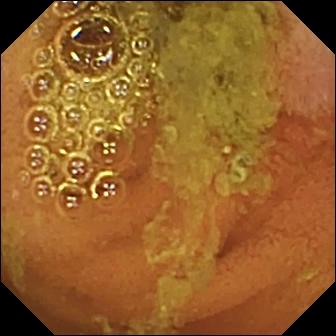PROCEDURE: WCE.
SEGMENT: Small intestine.
FINDINGS: Normal clean mucosa.